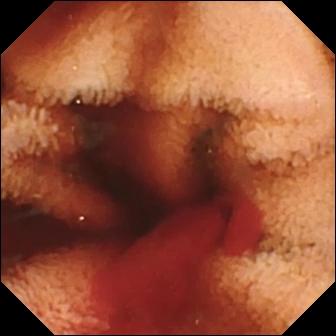WCE image
Finding: fresh blood in the lumen